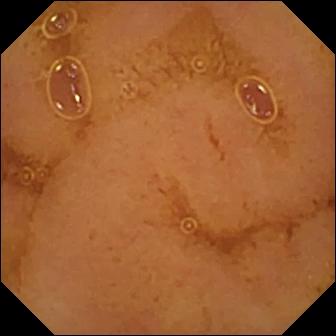Normal clean mucosa.